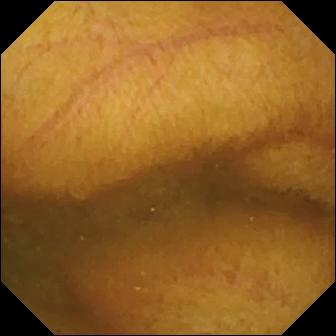Q: What does this small-bowel capsule endoscopy image of the small bowel show?
A: Normal clean mucosa.